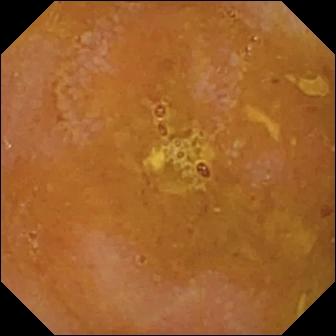Reduced mucosal view (content or bubbles obscuring the mucosa).